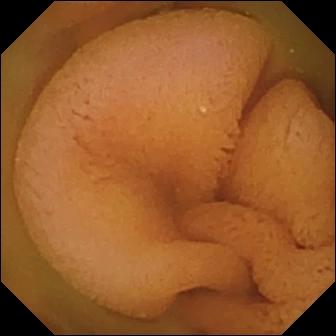WCE snapshot showing normal clean mucosa.